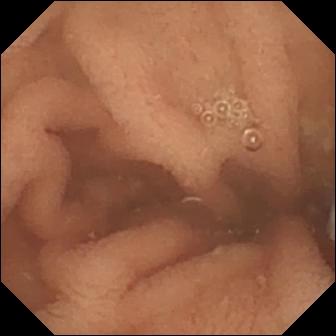Normal clean mucosa — video capsule endoscopy snapshot.